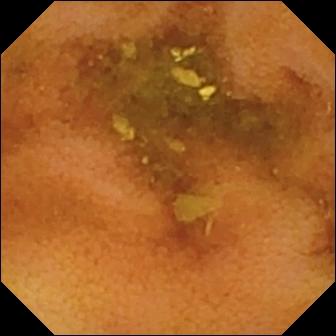Q: What does this capsule endoscopy view show?
A: Normal clean mucosa.